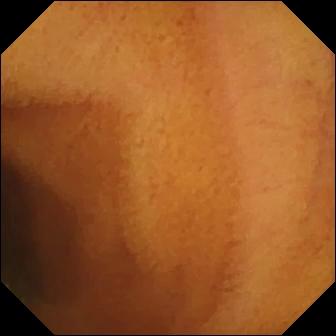PROCEDURE: Capsule endoscopy.
FINDINGS: Normal clean mucosa.